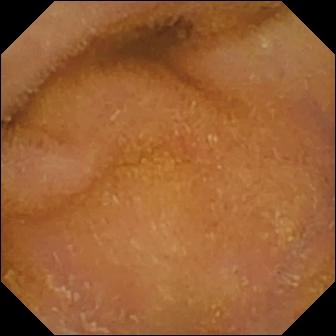Wireless capsule endoscopy — normal clean mucosa.